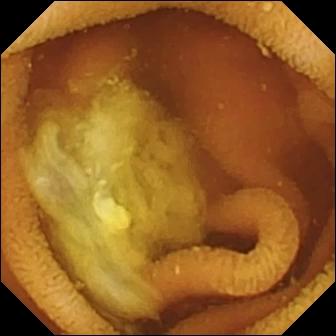VCE view (small intestine). Normal clean mucosa.